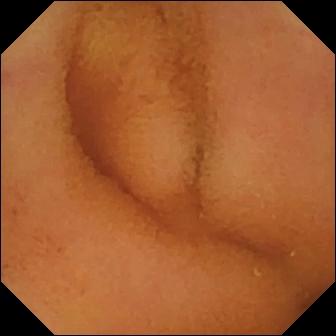PROCEDURE: WCE.
SEGMENT: Small bowel.
FINDINGS: Normal clean mucosa.